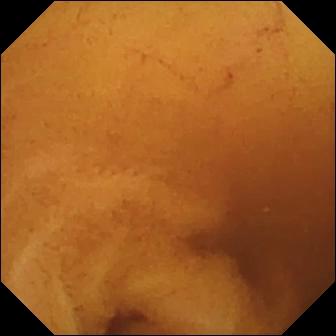{"modality": "video capsule endoscopy", "segment": "small intestine", "finding": "normal clean mucosa"}